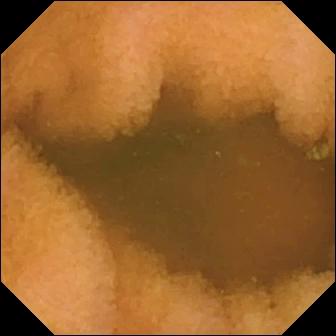Q: What does this WCE view of the small intestine show?
A: Normal clean mucosa.